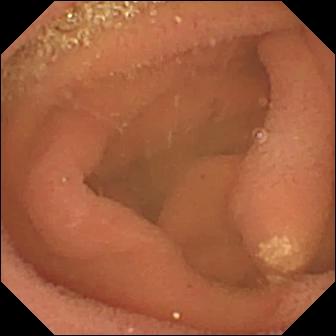PROCEDURE: Capsule endoscopy.
FINDINGS: Lymphangiectasia.